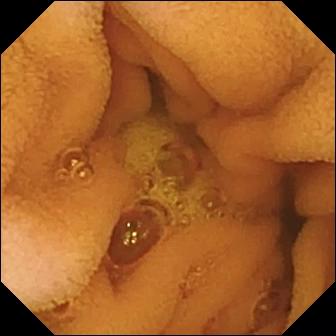Video capsule endoscopy — normal clean mucosa.